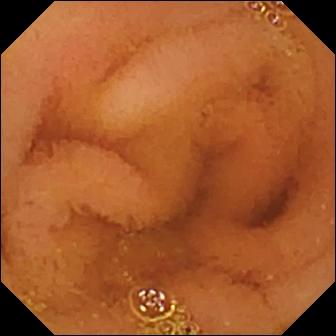VCE still
Finding: normal clean mucosa